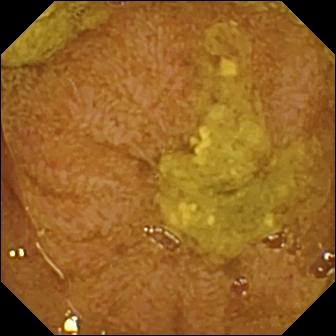Video capsule endoscopy view. Taken in the ileo-cecal valve region (the transition from the small bowel to the large bowel).